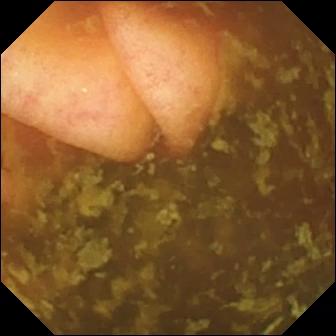This capsule endoscopy view was taken in the ileo-cecal valve region.